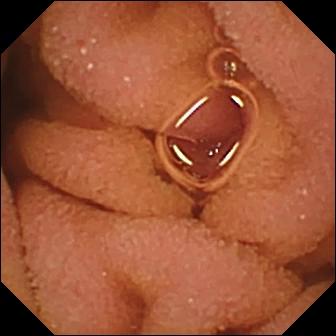Wireless capsule endoscopy view (small bowel). Normal clean mucosa.